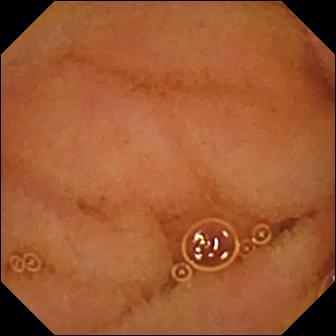- modality: video capsule endoscopy
- finding: normal clean mucosa